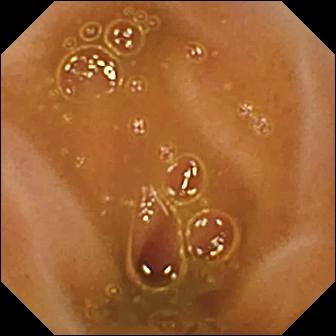{"modality": "VCE", "category": "anatomical landmark", "label": "ileo-cecal valve region (where the capsule passes from the small bowel into the large bowel)"}